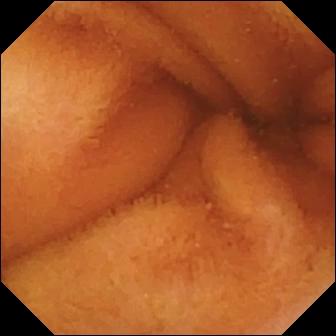This wireless capsule endoscopy view shows normal clean mucosa.